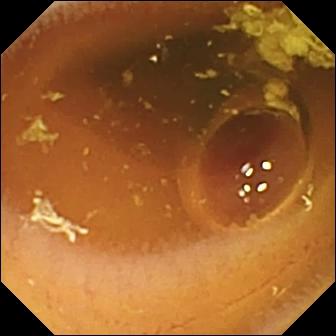{"modality": "small-bowel capsule endoscopy", "segment": "small intestine", "finding": "normal clean mucosa"}